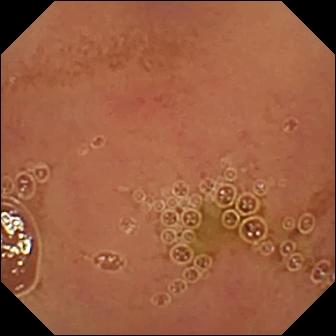Q: What does this WCE frame of the small bowel show?
A: Normal clean mucosa.